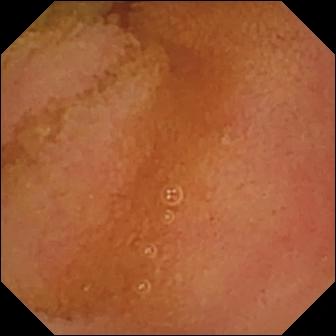- modality: video capsule endoscopy
- category: luminal finding
- label: normal clean mucosa